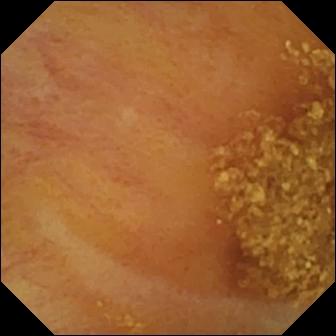WCE view taken in the ileo-cecal valve region (the transition from the small bowel to the large bowel).